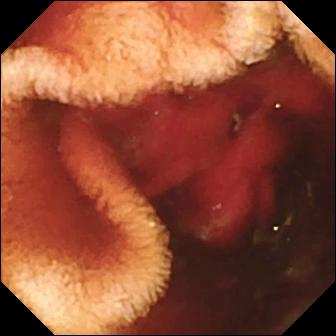{"modality": "wireless capsule endoscopy", "finding": "fresh blood in the lumen"}